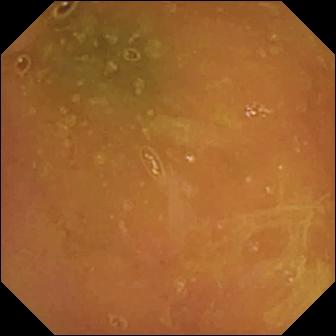Normal clean mucosa — VCE still of the small bowel.